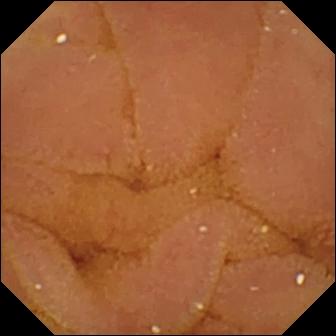{"modality": "WCE", "segment": "small bowel", "finding": "normal clean mucosa"}